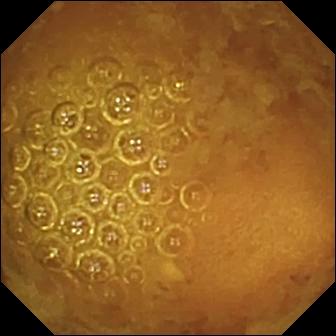Reduced mucosal view (content or bubbles obscuring the mucosa) — video capsule endoscopy snapshot.